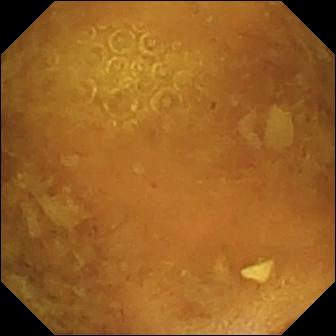WCE. Observation: reduced mucosal view (content or bubbles obscuring the mucosa).